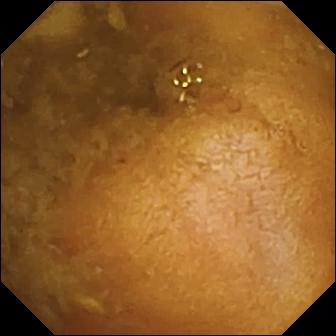WCE snapshot, 336×336. Reduced mucosal view (content or bubbles obscuring the mucosa).